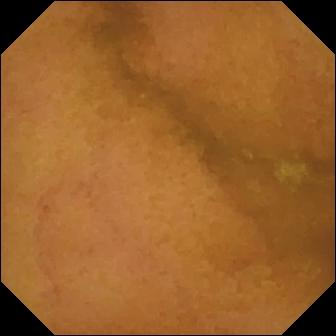Normal clean mucosa — capsule endoscopy still.